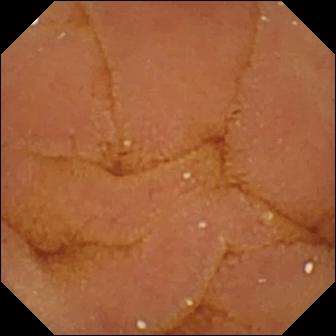Capsule endoscopy. Small bowel. Luminal finding. Impression: normal clean mucosa.